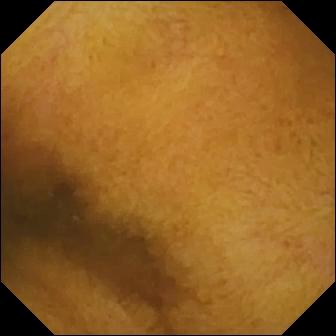Video capsule endoscopy snapshot of the small intestine showing normal clean mucosa.